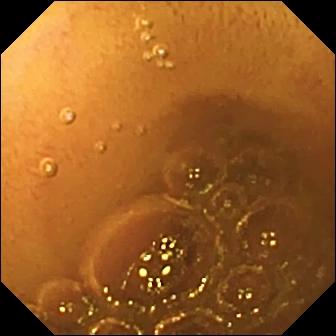Capsule endoscopy view showing normal clean mucosa.